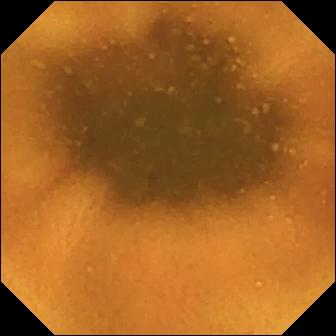WCE snapshot, small bowel
Finding: normal clean mucosa